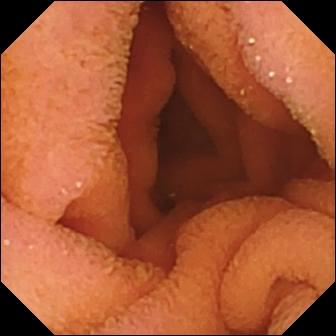Normal clean mucosa — video capsule endoscopy still of the small bowel.